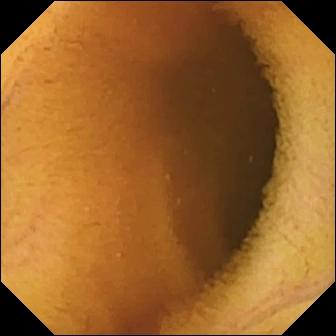modality: capsule endoscopy; segment: small bowel; category: luminal finding; impression: normal clean mucosa